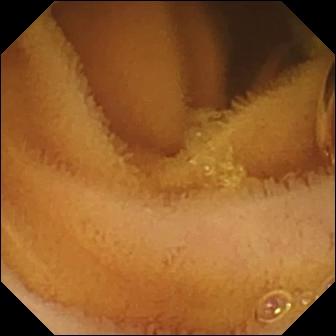Q: What does this VCE image of the small intestine show?
A: Normal clean mucosa.